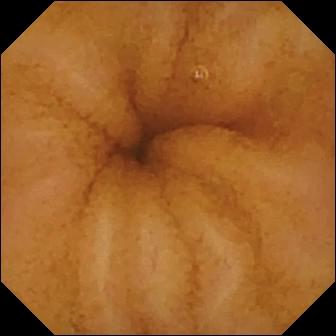This wireless capsule endoscopy still of the small intestine shows normal clean mucosa.